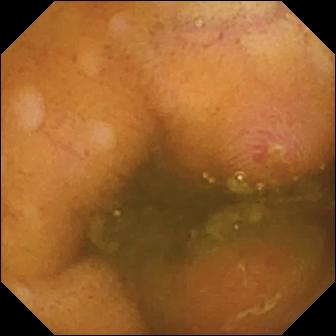Erosion.